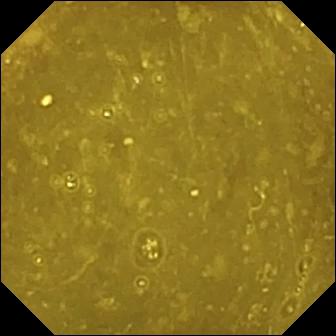Q: Where in the digestive tract was this small-bowel capsule endoscopy snapshot taken?
A: Ileo-cecal valve region (the transition from the small bowel to the large bowel).